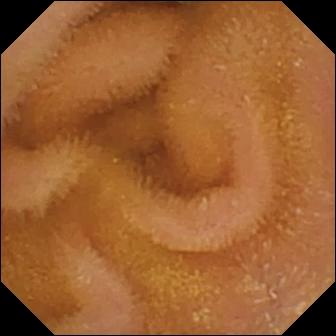Video capsule endoscopy still
Observation: normal clean mucosa